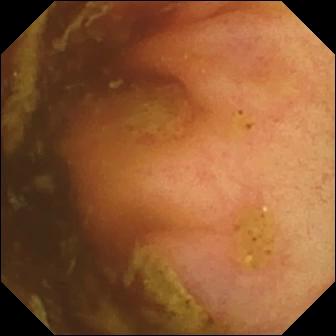{"modality": "video capsule endoscopy", "category": "anatomical landmark", "position": "ileo-cecal valve region"}